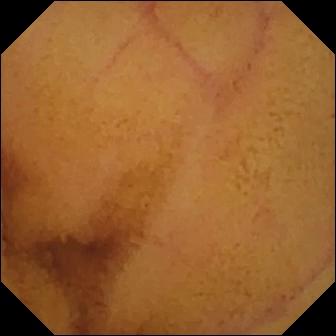PROCEDURE: Capsule endoscopy.
SEGMENT: Small bowel.
FINDINGS: Normal clean mucosa.